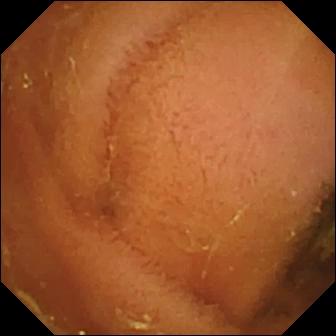VCE frame
Observation: normal clean mucosa